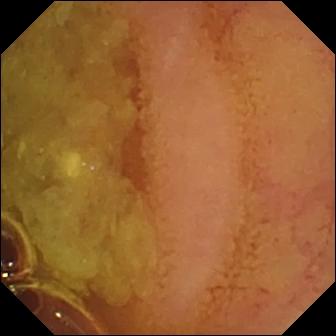PROCEDURE: Small-bowel capsule endoscopy.
SEGMENT: Small intestine.
FINDINGS: Normal clean mucosa.